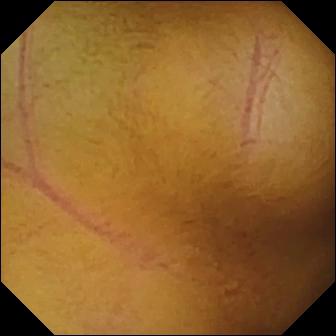{"modality": "WCE", "segment": "small intestine", "category": "luminal finding", "finding": "normal clean mucosa"}